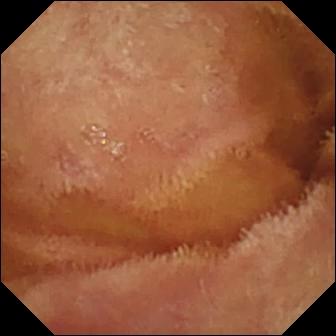WCE image, small bowel
Observation: normal clean mucosa